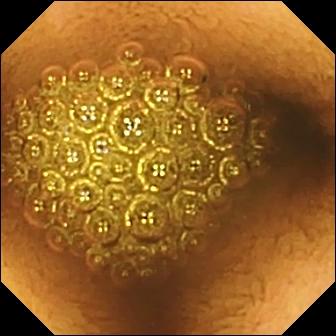Reduced mucosal view (content or bubbles obscuring the mucosa).